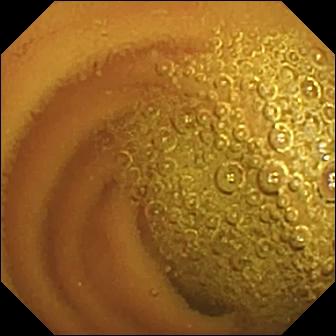Normal clean mucosa.